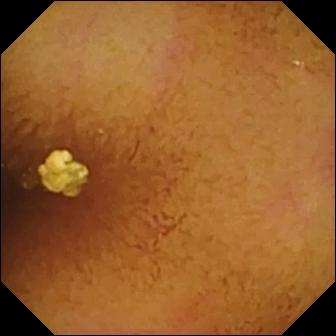Capsule endoscopy still (small intestine). Normal clean mucosa.